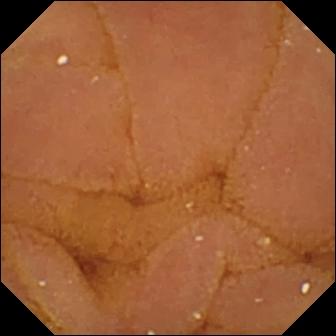Normal clean mucosa — VCE view.